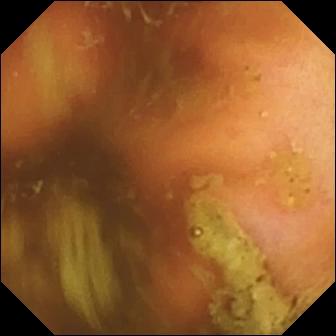Small-bowel capsule endoscopy. Near an anatomical landmark. Video segment: ileo-cecal valve region.